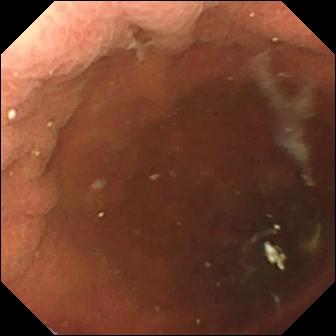Pylorus region (where the capsule passes from the stomach into the small bowel), 336×336.